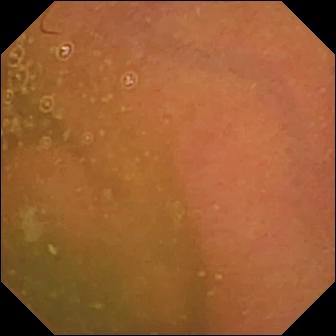{"modality": "small-bowel capsule endoscopy", "segment": "small bowel", "finding": "normal clean mucosa"}